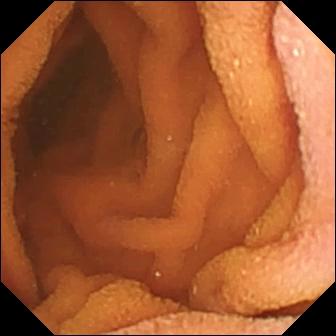Q: What does this wireless capsule endoscopy view of the small bowel show?
A: Normal clean mucosa.